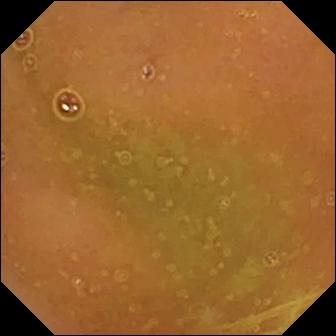modality: WCE
observation: normal clean mucosa